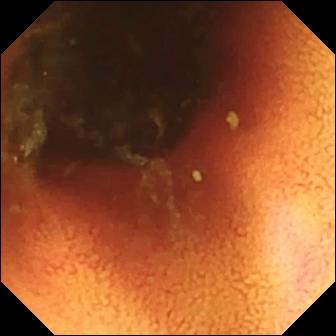VCE view taken in the ileo-cecal valve region.